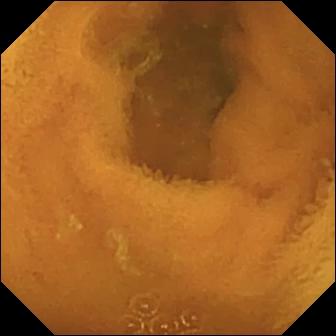modality: wireless capsule endoscopy
category: luminal finding
impression: normal clean mucosa